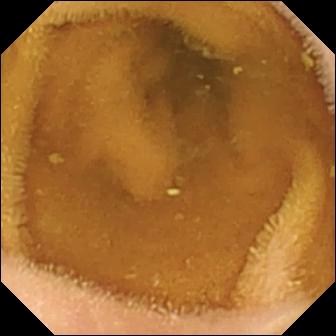modality: capsule endoscopy | observation: normal clean mucosa